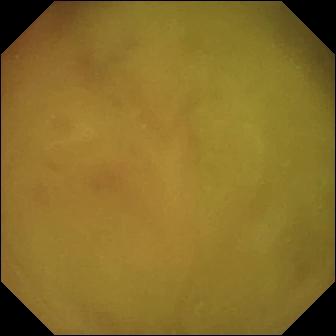WCE. Luminal finding. Observation: normal clean mucosa.